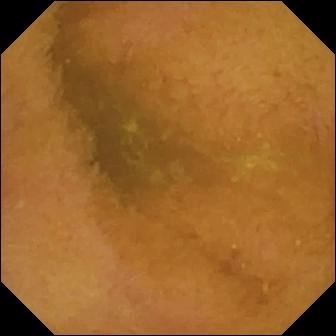Capsule endoscopy — normal clean mucosa.